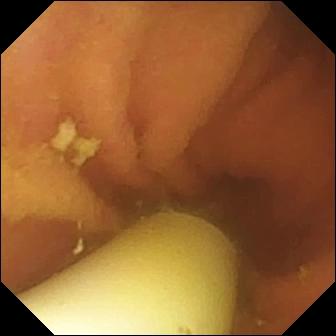WCE image showing foreign body (e.g. retained capsule, tablet residue).